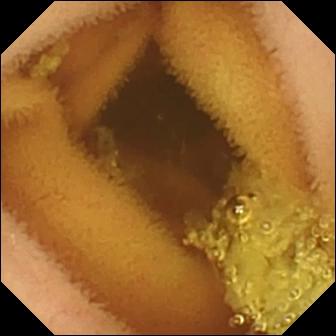Video capsule endoscopy — normal clean mucosa.